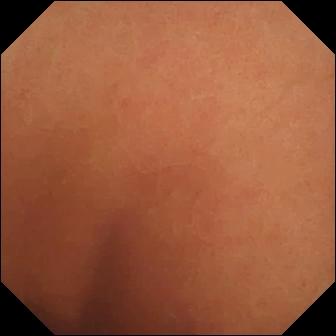This capsule endoscopy view shows normal clean mucosa.